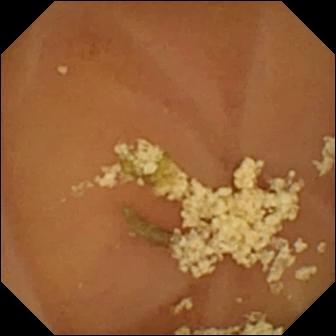Q: What does this VCE view of the small bowel show?
A: Normal clean mucosa.